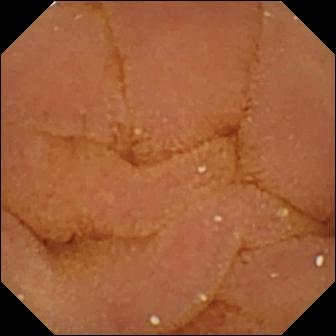Q: What does this wireless capsule endoscopy frame of the small intestine show?
A: Normal clean mucosa.